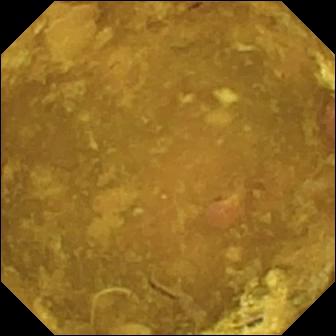WCE still (small bowel), 336×336. Reduced mucosal view (content or bubbles obscuring the mucosa).